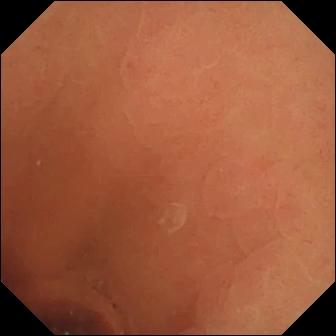{"modality": "capsule endoscopy", "category": "luminal finding", "finding": "normal clean mucosa"}